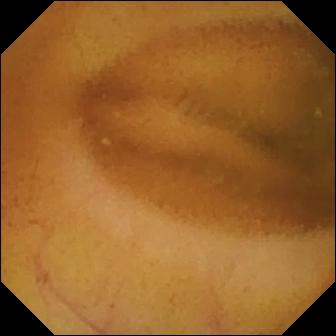Wireless capsule endoscopy frame of the small intestine showing normal clean mucosa.